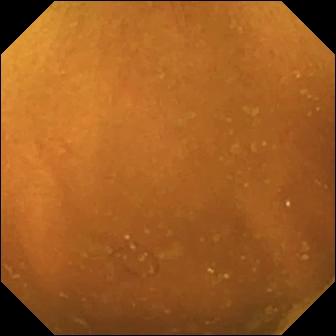modality: capsule endoscopy
segment: small intestine
category: luminal finding
impression: normal clean mucosa